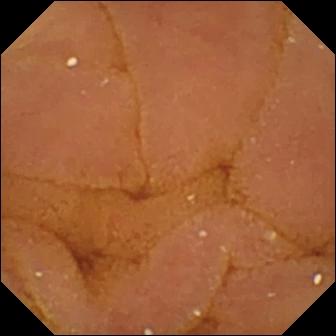PROCEDURE: Capsule endoscopy.
SEGMENT: Small bowel.
FINDINGS: Normal clean mucosa.